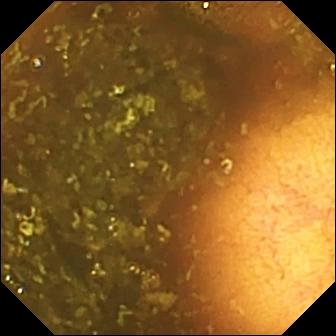This capsule endoscopy image was taken in the ileo-cecal valve region (where the capsule passes from the small bowel into the large bowel).